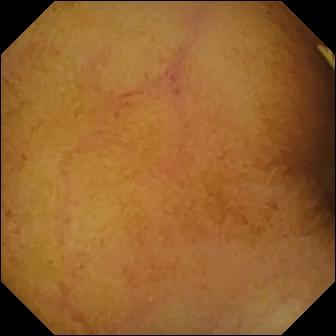Normal clean mucosa.